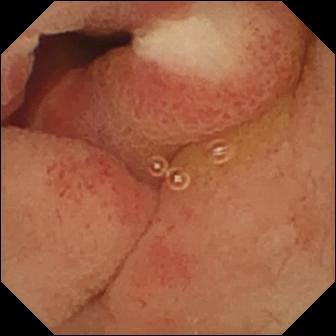modality: wireless capsule endoscopy
finding: ulcer